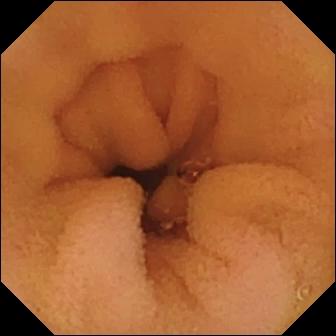Video capsule endoscopy view
Observation: normal clean mucosa